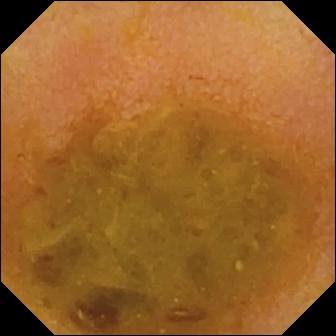This small-bowel capsule endoscopy still shows reduced mucosal view (content or bubbles obscuring the mucosa).